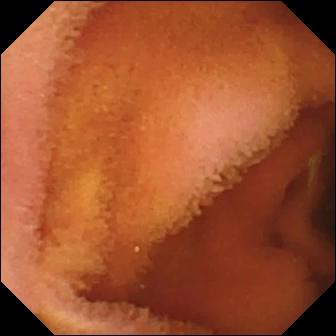Normal clean mucosa — wireless capsule endoscopy still of the small intestine.